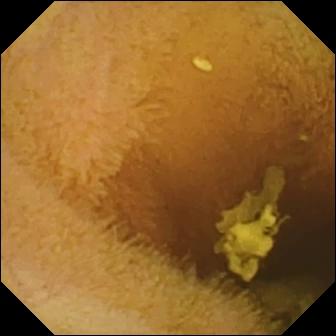WCE. Finding: normal clean mucosa.